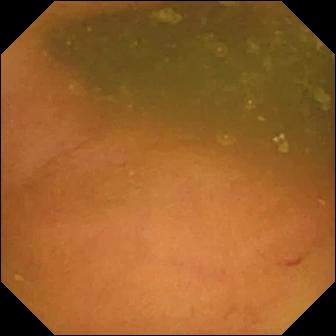Ileo-cecal valve region — capsule endoscopy still.